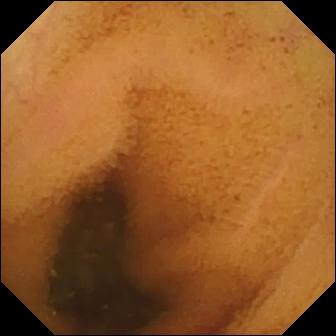PROCEDURE: VCE.
SEGMENT: Small intestine.
FINDINGS: Normal clean mucosa.